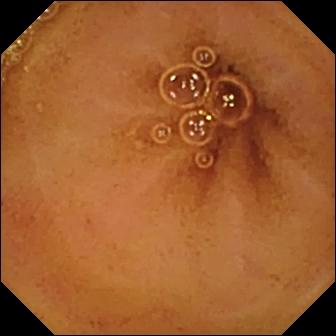PROCEDURE: VCE.
SEGMENT: Small bowel.
FINDINGS: Normal clean mucosa.